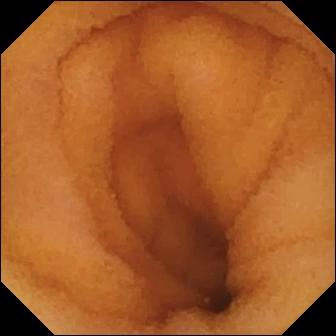PROCEDURE: WCE.
FINDINGS: Normal clean mucosa.